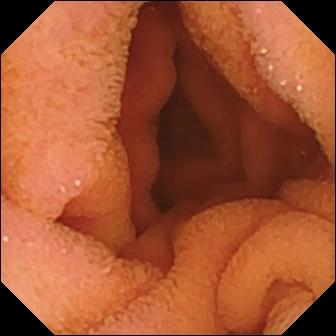PROCEDURE: VCE.
FINDINGS: Normal clean mucosa.